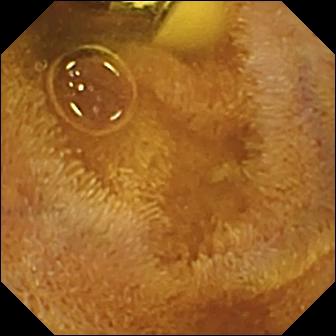Q: What does this small-bowel capsule endoscopy still show?
A: Foreign body (e.g. retained capsule, tablet residue).